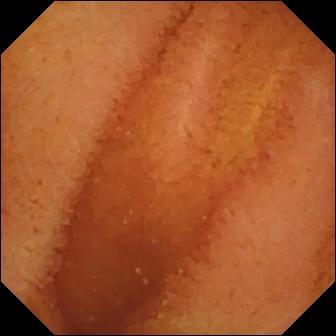Wireless capsule endoscopy — normal clean mucosa.